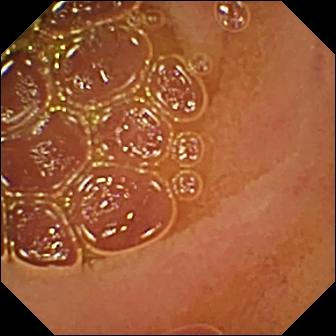Q: What does this WCE still of the small intestine show?
A: Normal clean mucosa.